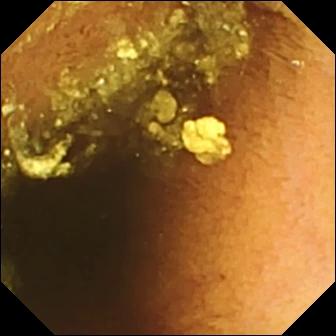Small-bowel capsule endoscopy frame. Normal clean mucosa.